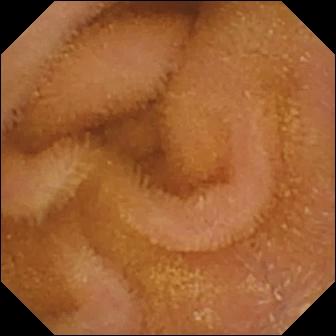- modality: small-bowel capsule endoscopy
- category: luminal finding
- finding: normal clean mucosa